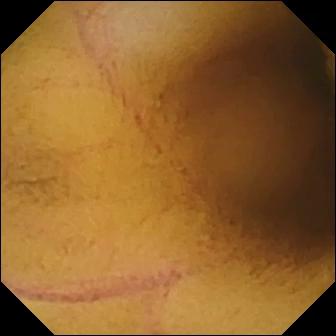PROCEDURE: Small-bowel capsule endoscopy.
SEGMENT: Small intestine.
FINDINGS: Normal clean mucosa.